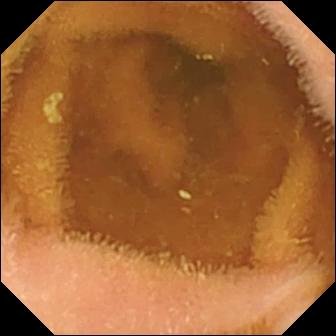modality: wireless capsule endoscopy
category: luminal finding
label: normal clean mucosa